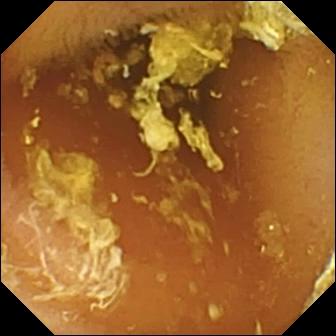Normal clean mucosa (336×336).